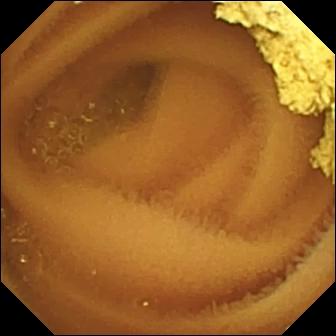Q: What does this capsule endoscopy view of the small bowel show?
A: Normal clean mucosa.